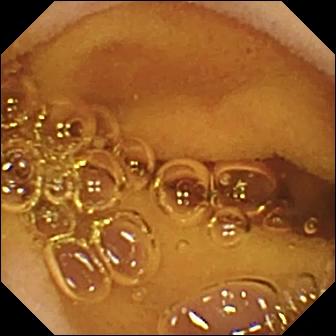Wireless capsule endoscopy frame, 336×336. Normal clean mucosa.